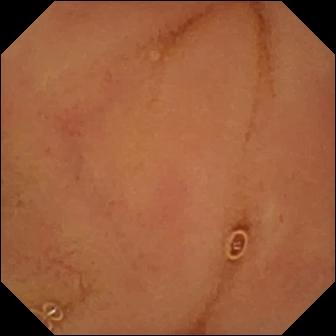Wireless capsule endoscopy — normal clean mucosa.